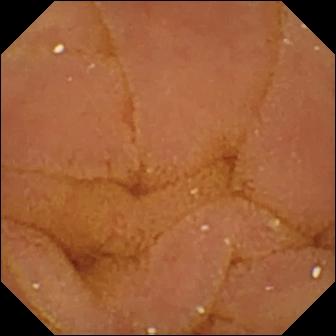Normal clean mucosa.